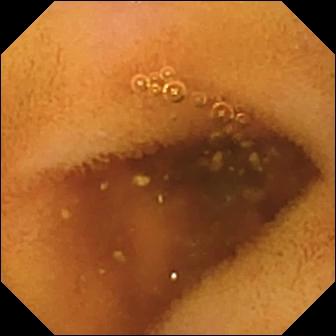Normal clean mucosa — wireless capsule endoscopy image of the small bowel.